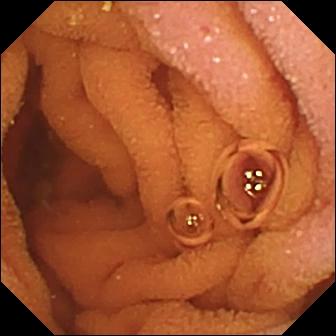Wireless capsule endoscopy image
Label: normal clean mucosa